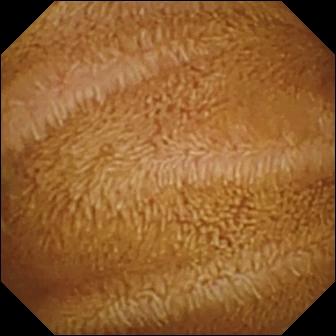Q: What does this wireless capsule endoscopy image of the small bowel show?
A: Normal clean mucosa.